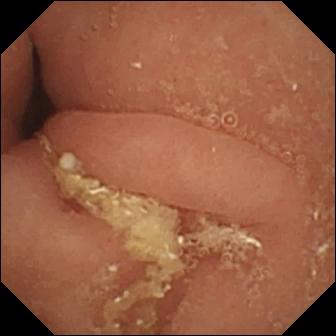Capsule endoscopy. Location: pylorus region (the junction between the stomach and the small bowel).